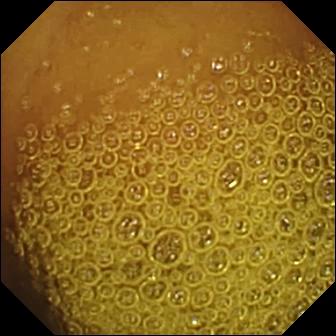modality: wireless capsule endoscopy | label: normal clean mucosa